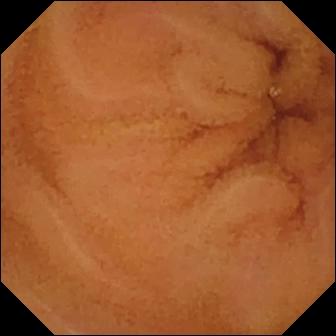Normal clean mucosa — video capsule endoscopy image.